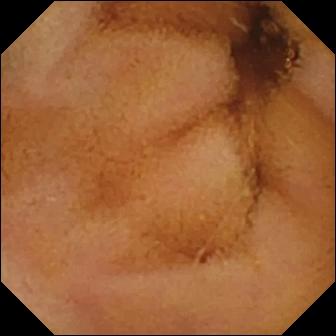Capsule endoscopy. Label: normal clean mucosa.